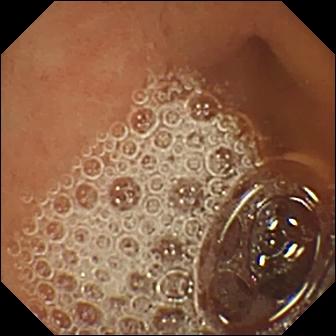This capsule endoscopy view shows normal clean mucosa.